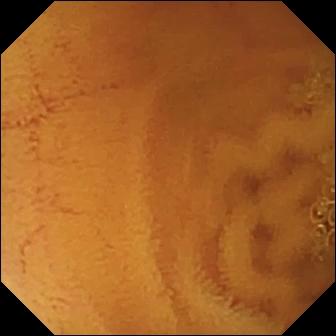Normal clean mucosa — WCE view.